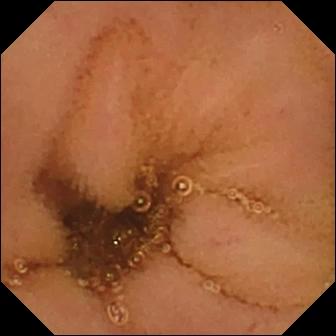Video capsule endoscopy — normal clean mucosa.